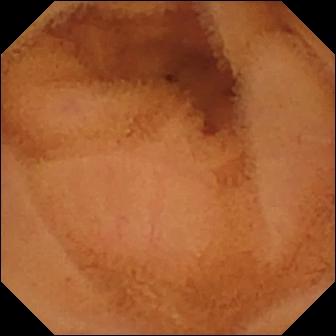modality: video capsule endoscopy; segment: small bowel; category: luminal finding; label: normal clean mucosa